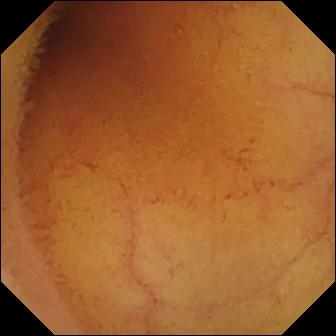Wireless capsule endoscopy — normal clean mucosa.